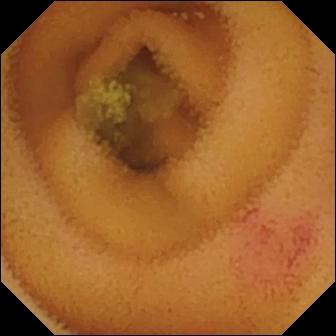{"modality": "VCE", "finding": "angiectasia"}